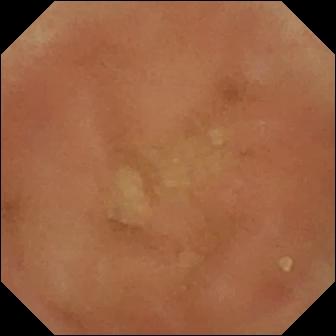modality: video capsule endoscopy | segment: small bowel | impression: normal clean mucosa